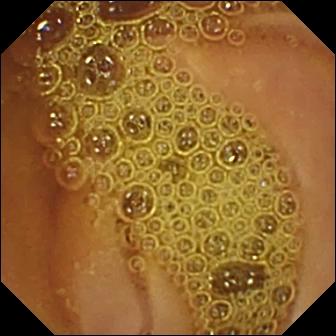Normal clean mucosa.